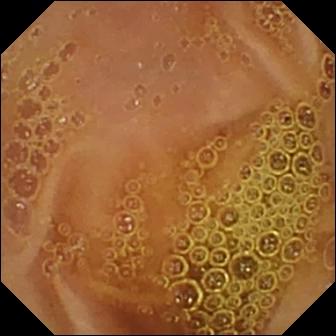Capsule endoscopy view showing normal clean mucosa.